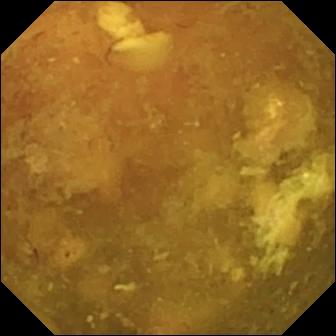{"modality": "small-bowel capsule endoscopy", "segment": "small bowel", "finding": "reduced mucosal view (content or bubbles obscuring the mucosa)"}